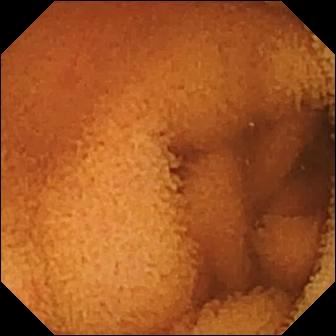modality: video capsule endoscopy; category: luminal finding; impression: normal clean mucosa